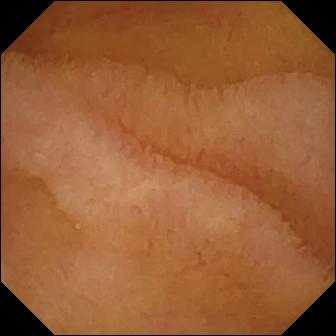Capsule endoscopy. Small intestine. Luminal finding. Impression: normal clean mucosa.